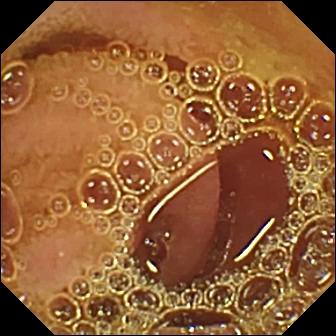Capsule endoscopy still, 336×336. Normal clean mucosa.